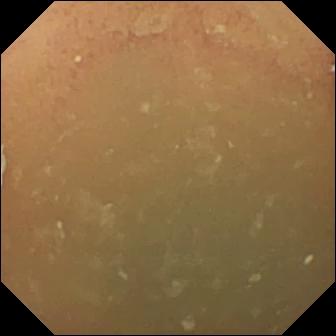Q: What does this video capsule endoscopy frame of the small intestine show?
A: Normal clean mucosa.